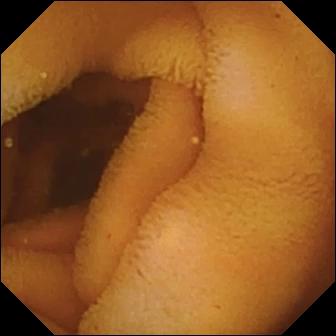VCE snapshot (small bowel). Normal clean mucosa.